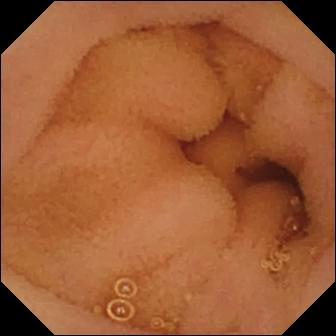PROCEDURE: Wireless capsule endoscopy.
FINDINGS: Normal clean mucosa.